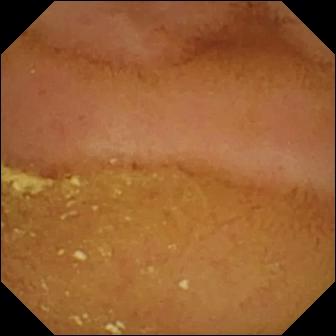Normal clean mucosa — VCE view of the small intestine.